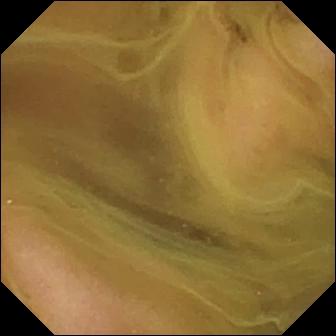Wireless capsule endoscopy snapshot showing normal clean mucosa.